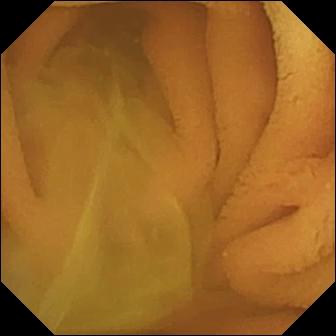Q: What does this WCE frame of the small bowel show?
A: Normal clean mucosa.